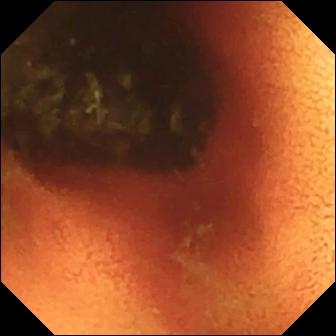- modality: capsule endoscopy
- category: anatomical landmark
- location: ileo-cecal valve region (where the capsule passes from the small bowel into the large bowel)